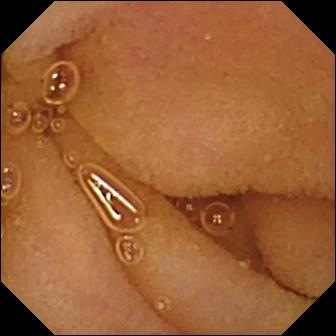Q: What does this wireless capsule endoscopy still show?
A: Normal clean mucosa.